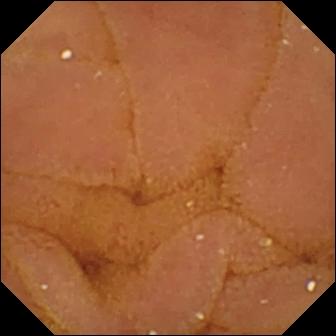modality: small-bowel capsule endoscopy
segment: small intestine
impression: normal clean mucosa